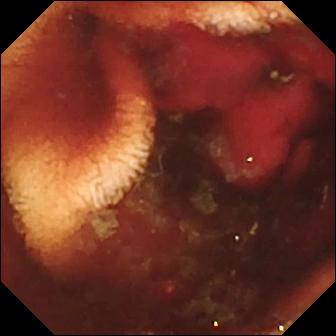Small-bowel capsule endoscopy. Impression: fresh blood in the lumen.